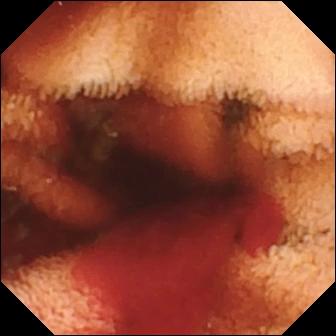This WCE frame shows fresh blood in the lumen.